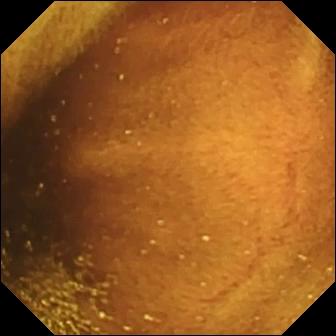Q: Where in the digestive tract was this capsule endoscopy view taken?
A: Ileo-cecal valve region (the transition from the small bowel to the large bowel).